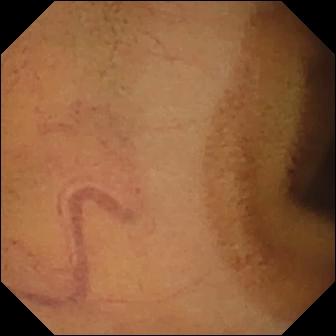Normal clean mucosa — capsule endoscopy still of the small intestine.